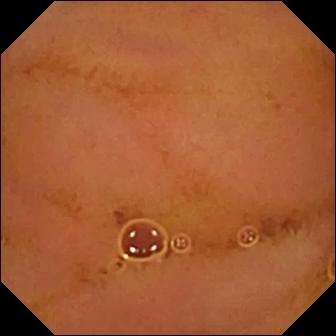Q: What does this VCE still of the small intestine show?
A: Normal clean mucosa.